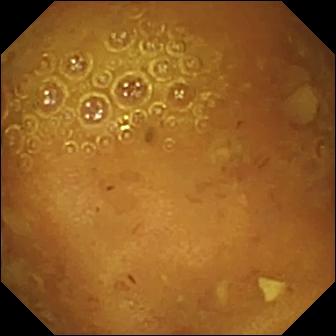PROCEDURE: Capsule endoscopy.
SEGMENT: Small intestine.
FINDINGS: Reduced mucosal view (content or bubbles obscuring the mucosa).